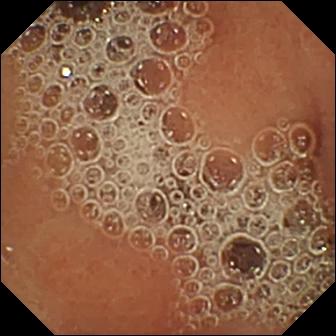Capsule endoscopy snapshot showing normal clean mucosa.